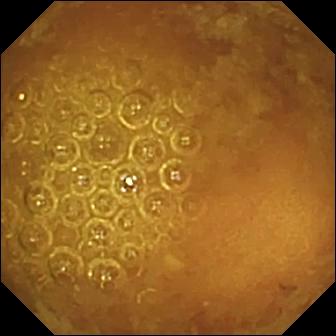VCE image, small intestine
Impression: reduced mucosal view (content or bubbles obscuring the mucosa)